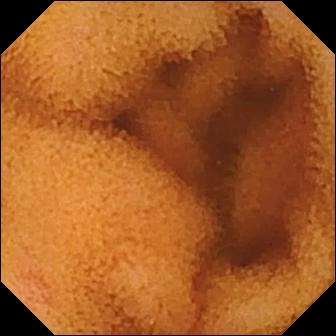VCE frame
Finding: normal clean mucosa